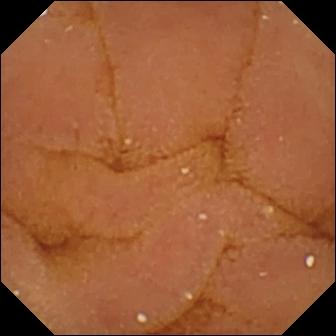Wireless capsule endoscopy snapshot of the small intestine showing normal clean mucosa.